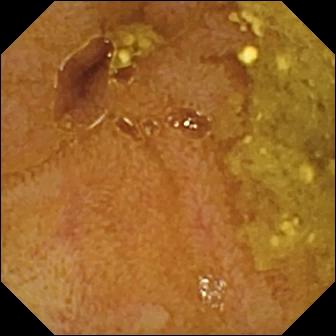Q: Where in the digestive tract was this video capsule endoscopy view taken?
A: Ileo-cecal valve region.